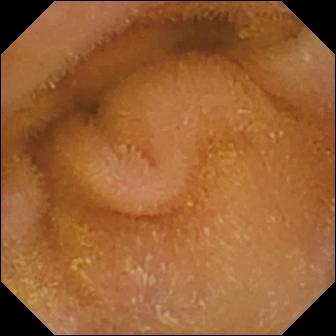Q: What does this WCE frame show?
A: Normal clean mucosa.